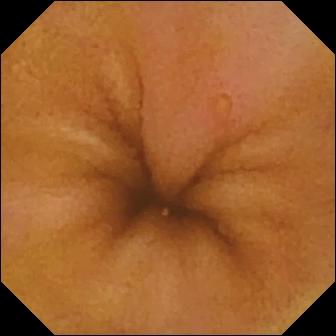Q: What does this small-bowel capsule endoscopy snapshot show?
A: Erosion.